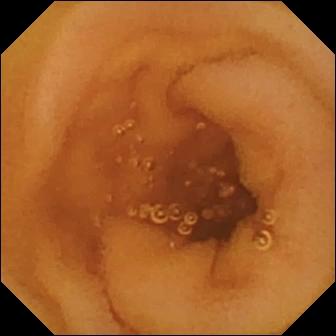This capsule endoscopy snapshot shows normal clean mucosa.